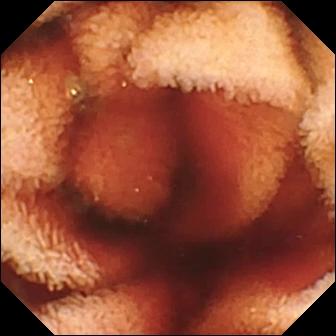- modality: wireless capsule endoscopy
- impression: fresh blood in the lumen